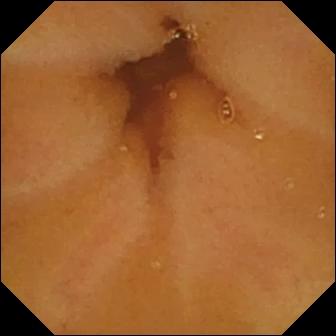PROCEDURE: Small-bowel capsule endoscopy.
FINDINGS: Normal clean mucosa.